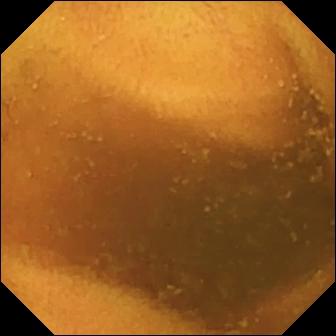PROCEDURE: Wireless capsule endoscopy.
SEGMENT: Small bowel.
FINDINGS: Normal clean mucosa.